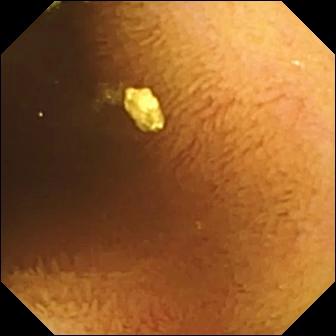modality: wireless capsule endoscopy | observation: normal clean mucosa